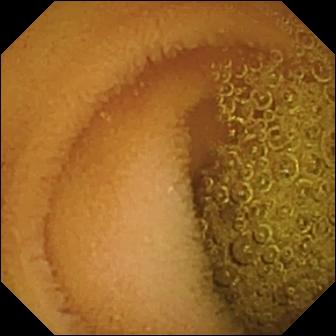Normal clean mucosa — wireless capsule endoscopy still.